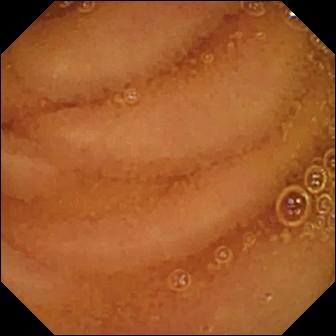WCE. Small bowel. Luminal finding. Label: normal clean mucosa.